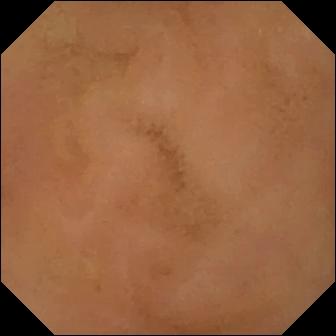Video capsule endoscopy — normal clean mucosa.